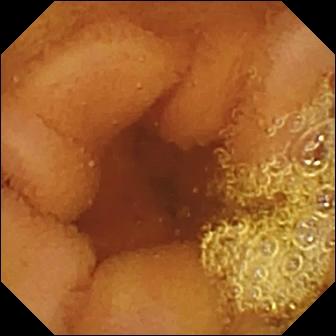modality: capsule endoscopy; finding: normal clean mucosa